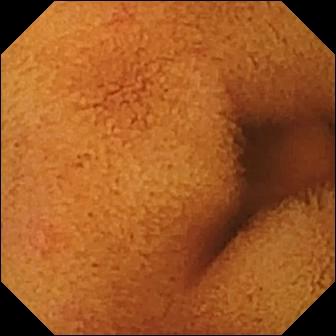Normal clean mucosa — VCE still.